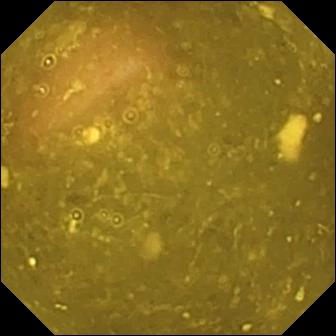Wireless capsule endoscopy view
Label: ileo-cecal valve region